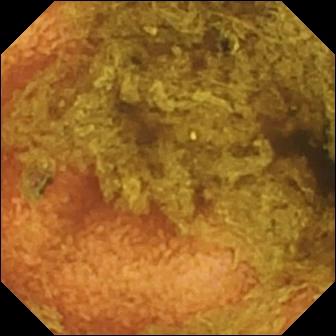Normal clean mucosa — WCE still.